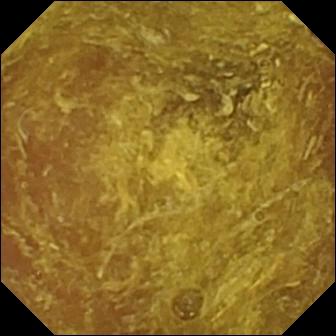{"modality": "WCE", "category": "luminal finding", "finding": "reduced mucosal view (content or bubbles obscuring the mucosa)"}